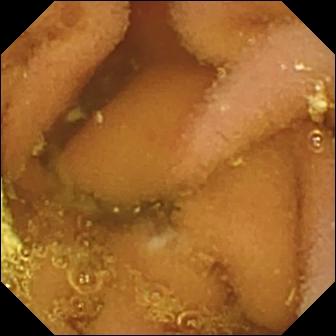Q: What does this VCE snapshot show?
A: Lymphangiectasia.